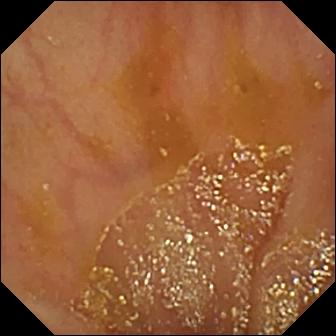PROCEDURE: Wireless capsule endoscopy.
POSITION: Ileo-cecal valve region (the transition from the small bowel to the large bowel).